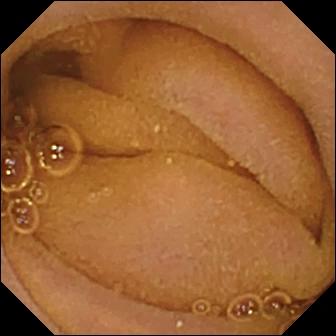Capsule endoscopy. Impression: normal clean mucosa.